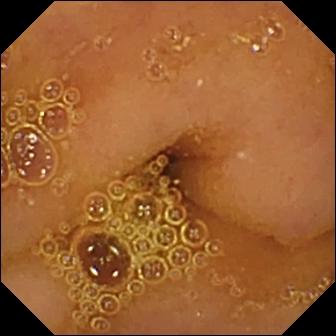This capsule endoscopy view shows normal clean mucosa.